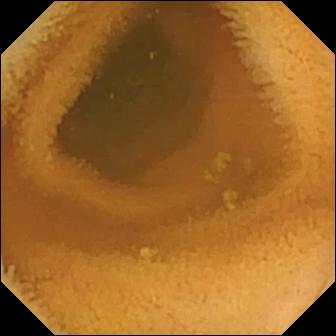{"modality": "wireless capsule endoscopy", "finding": "normal clean mucosa"}